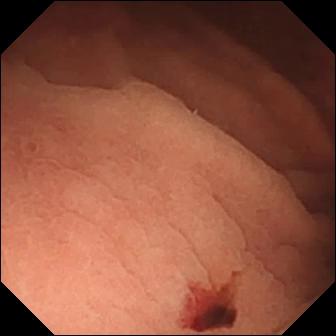Wireless capsule endoscopy — angiectasia.